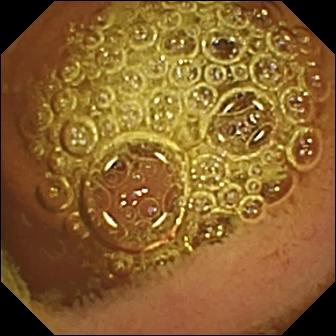Normal clean mucosa — small-bowel capsule endoscopy frame.